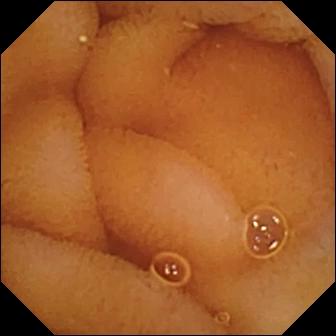Capsule endoscopy. Small bowel. Observation: normal clean mucosa.